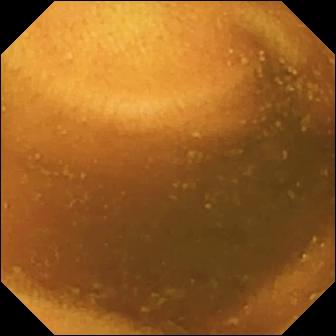PROCEDURE: Wireless capsule endoscopy.
SEGMENT: Small bowel.
FINDINGS: Normal clean mucosa.